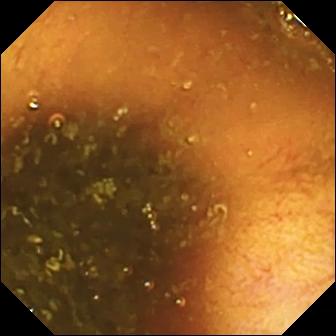PROCEDURE: Wireless capsule endoscopy.
LABEL: Ileo-cecal valve region (where the capsule passes from the small bowel into the large bowel).